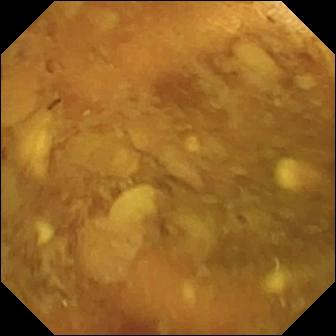- modality: capsule endoscopy
- segment: small intestine
- finding: reduced mucosal view (content or bubbles obscuring the mucosa)